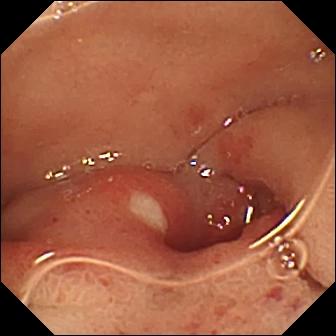PROCEDURE: WCE.
FINDINGS: Ulcer.